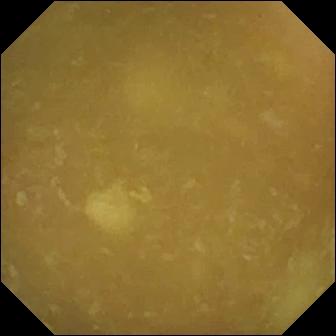Video capsule endoscopy still. Taken in the ileo-cecal valve region.